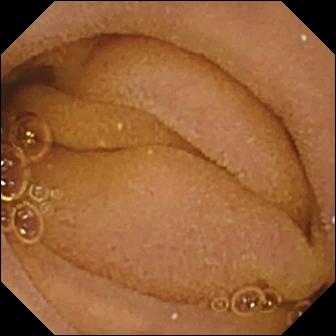Wireless capsule endoscopy snapshot, 336×336. Normal clean mucosa.